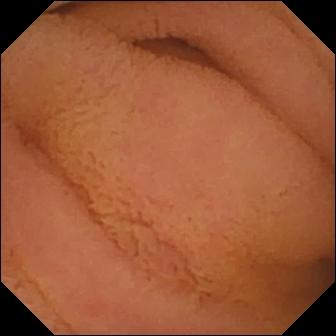VCE — normal clean mucosa.